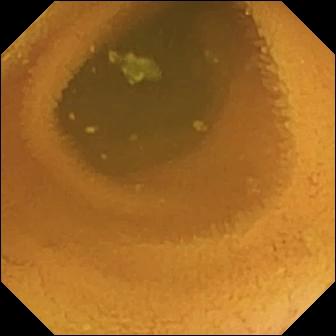Small-bowel capsule endoscopy view
Observation: normal clean mucosa